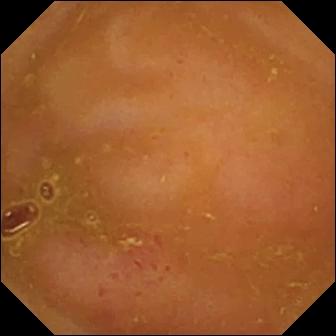Video capsule endoscopy — erythema (mucosal redness).